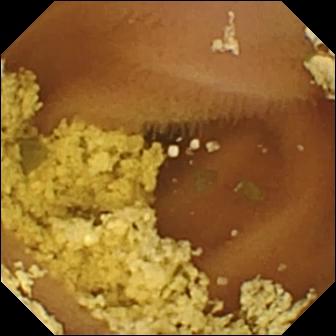Wireless capsule endoscopy frame of the small bowel showing normal clean mucosa.